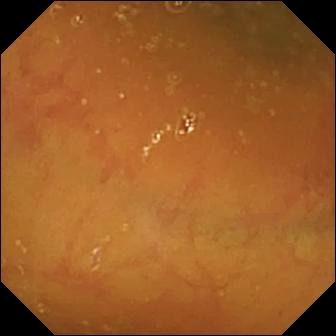- modality: WCE
- video segment: ileo-cecal valve region (the transition from the small bowel to the large bowel)